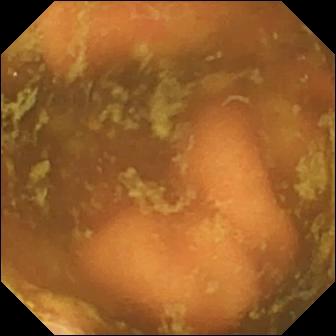VCE still
Location: ileo-cecal valve region (the transition from the small bowel to the large bowel)